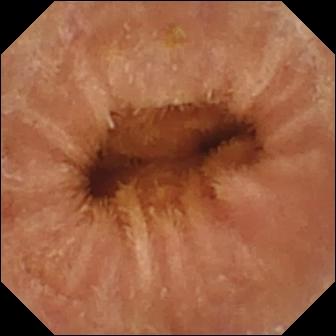PROCEDURE: Video capsule endoscopy.
FINDINGS: Normal clean mucosa.